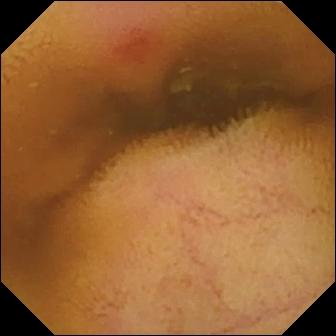Small-bowel capsule endoscopy image
Observation: erythema (mucosal redness)